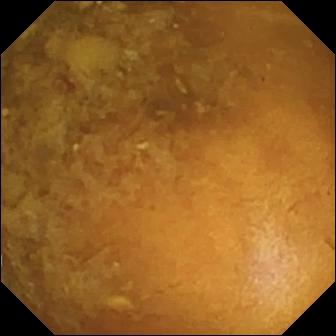Capsule endoscopy. Small bowel. Finding: reduced mucosal view (content or bubbles obscuring the mucosa).